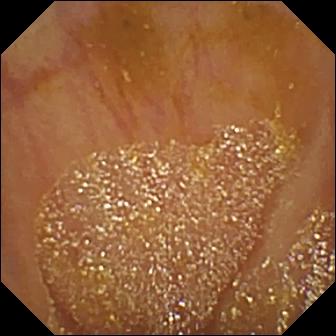{"modality": "WCE", "position": "ileo-cecal valve region (where the capsule passes from the small bowel into the large bowel)"}